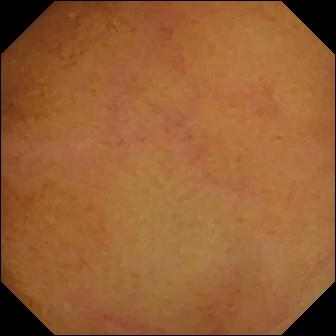modality: video capsule endoscopy; segment: small intestine; impression: normal clean mucosa